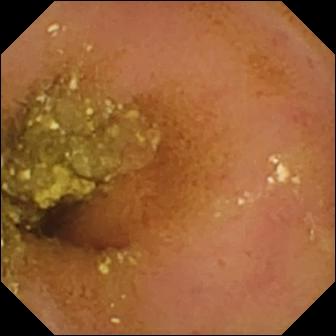Wireless capsule endoscopy still, small intestine
Finding: normal clean mucosa